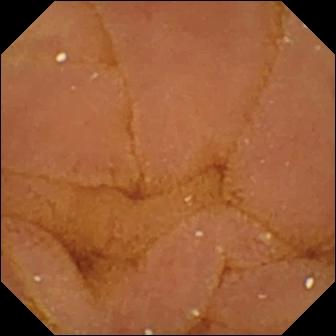PROCEDURE: Wireless capsule endoscopy.
FINDINGS: Normal clean mucosa.